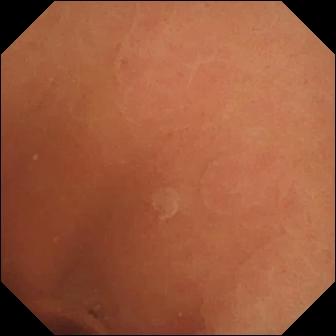Normal clean mucosa.